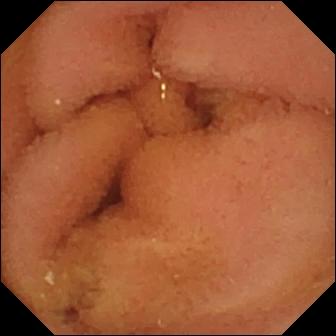modality: video capsule endoscopy
observation: normal clean mucosa